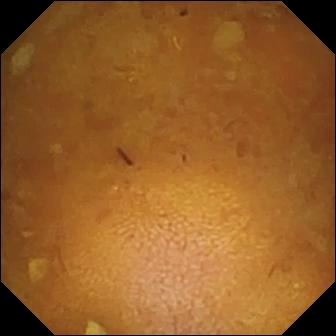PROCEDURE: Wireless capsule endoscopy.
SEGMENT: Small bowel.
FINDINGS: Reduced mucosal view (content or bubbles obscuring the mucosa).